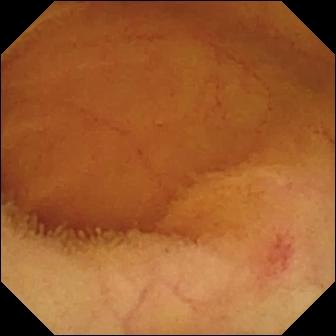VCE. Label: angiectasia.